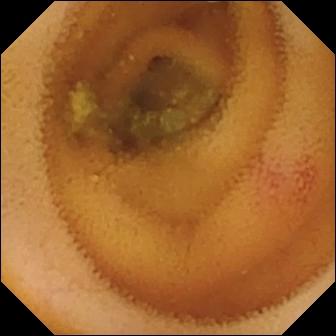This small-bowel capsule endoscopy image shows angiectasia.